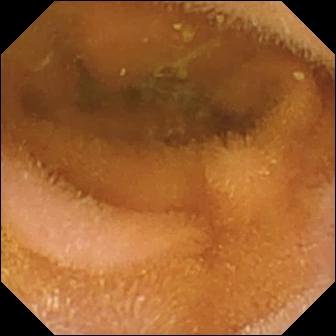VCE — normal clean mucosa.